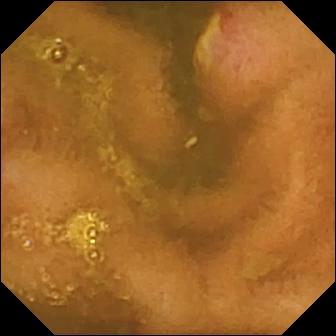PROCEDURE: WCE.
FINDINGS: Ulcer.